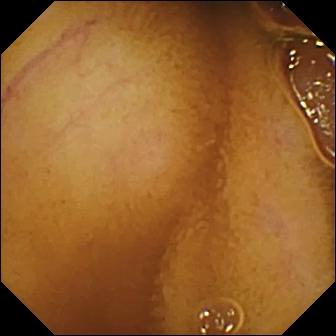Normal clean mucosa.